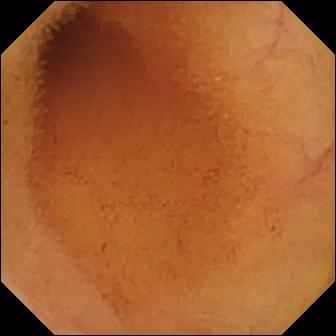modality: capsule endoscopy | segment: small bowel | label: normal clean mucosa